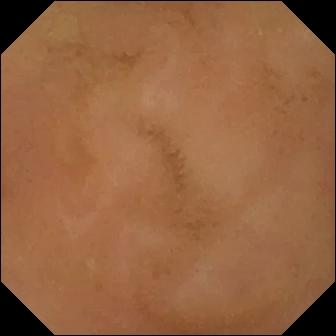Small-bowel capsule endoscopy image, small bowel
Observation: normal clean mucosa